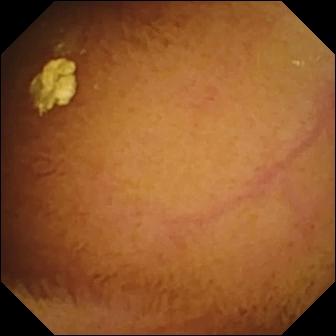- modality: small-bowel capsule endoscopy
- segment: small intestine
- category: luminal finding
- observation: normal clean mucosa